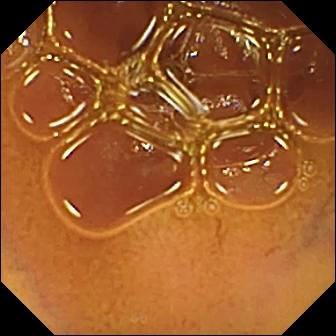Capsule endoscopy snapshot (small intestine). Normal clean mucosa.